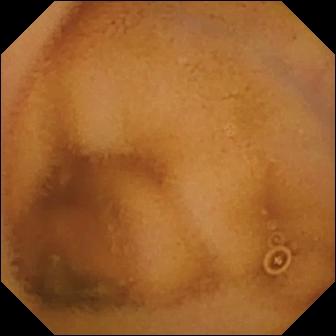Normal clean mucosa — wireless capsule endoscopy frame.